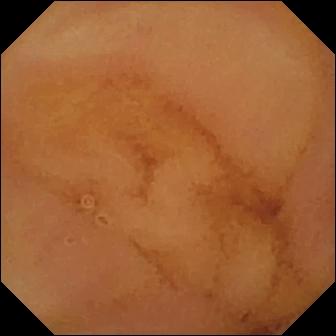Normal clean mucosa — small-bowel capsule endoscopy snapshot.